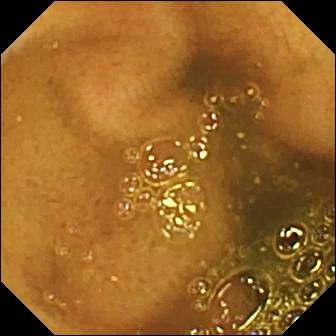Ileo-cecal valve region (the transition from the small bowel to the large bowel) — capsule endoscopy image.